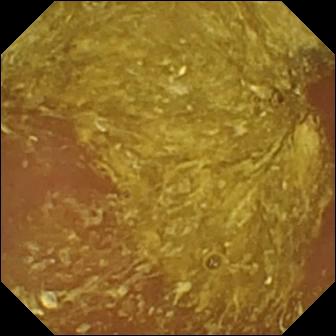WCE — reduced mucosal view (content or bubbles obscuring the mucosa).